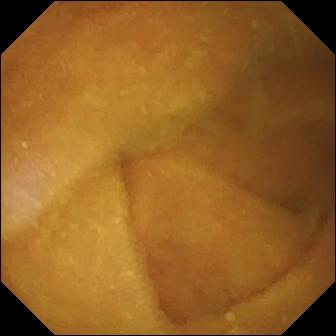Capsule endoscopy snapshot showing normal clean mucosa.